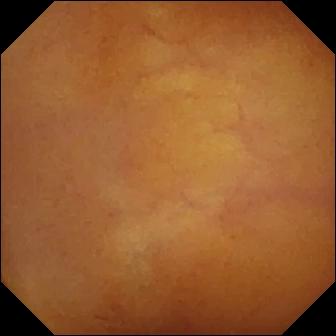Small-bowel capsule endoscopy. Luminal finding. Impression: normal clean mucosa.